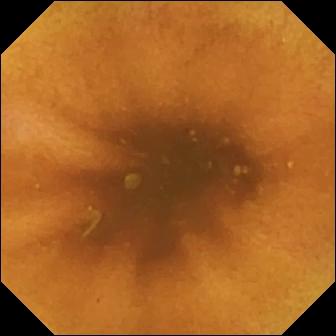PROCEDURE: Small-bowel capsule endoscopy.
FINDINGS: Normal clean mucosa.